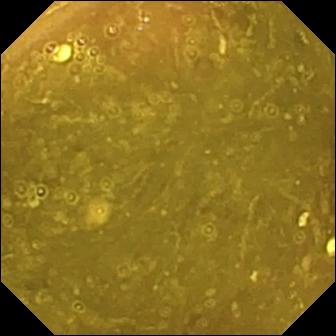This capsule endoscopy still was taken in the ileo-cecal valve region (where the capsule passes from the small bowel into the large bowel).